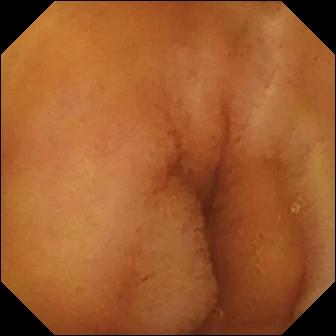Video capsule endoscopy still showing normal clean mucosa.